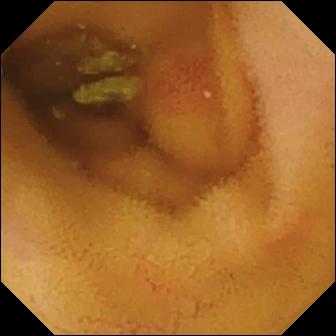Video capsule endoscopy view
Observation: angiectasia